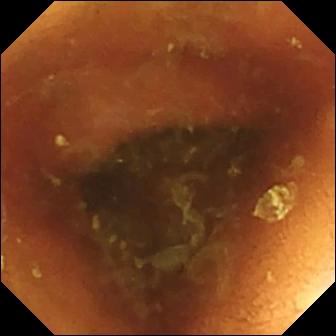Normal clean mucosa — capsule endoscopy still of the small bowel.